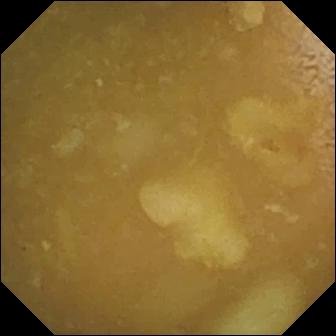Capsule endoscopy. Video segment: ileo-cecal valve region (where the capsule passes from the small bowel into the large bowel).